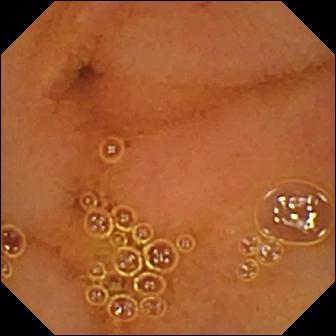This VCE image shows normal clean mucosa.